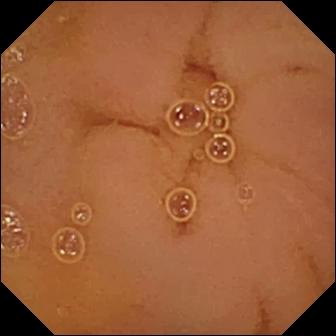Normal clean mucosa.